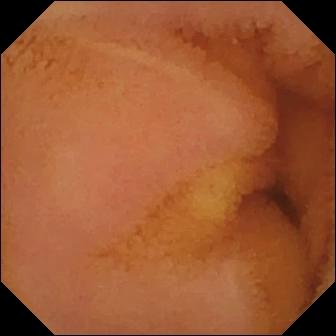Small-bowel capsule endoscopy frame showing normal clean mucosa.